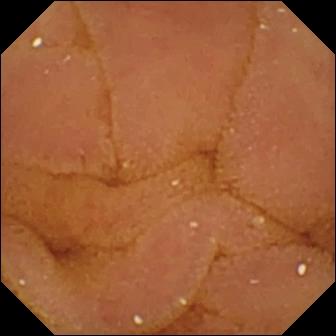Normal clean mucosa.